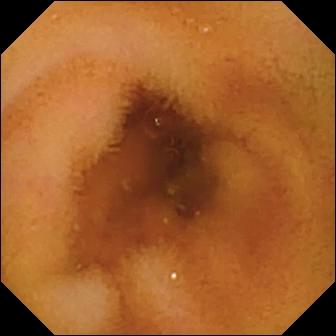{"modality": "small-bowel capsule endoscopy", "finding": "normal clean mucosa"}